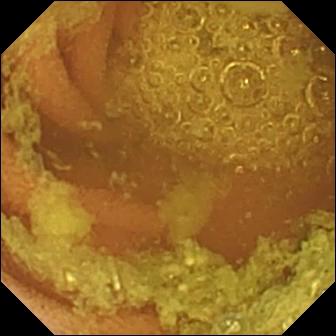Small-bowel capsule endoscopy — normal clean mucosa.